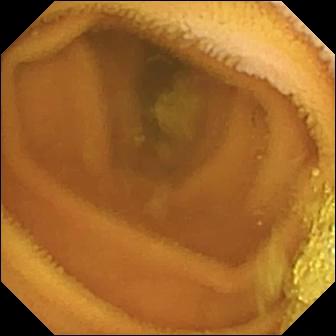WCE frame. Normal clean mucosa.